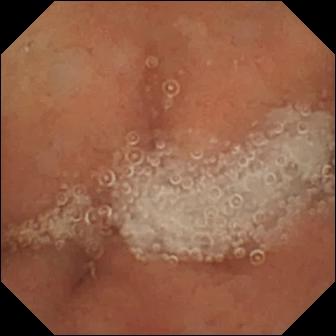Small-bowel capsule endoscopy view. Normal clean mucosa.